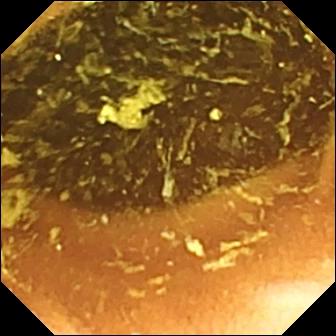- modality: small-bowel capsule endoscopy
- segment: small bowel
- finding: normal clean mucosa